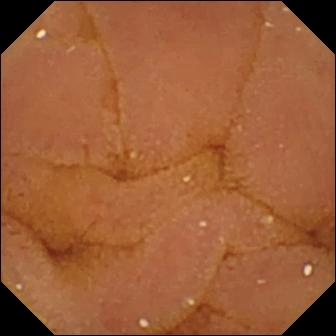Video capsule endoscopy. Impression: normal clean mucosa.